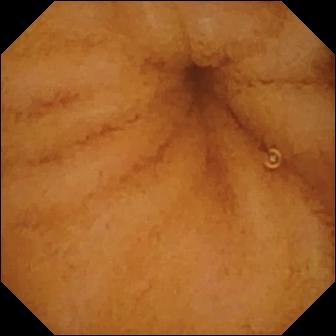Normal clean mucosa (336×336).